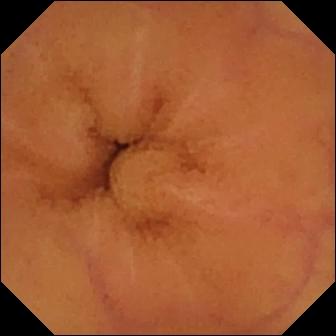{"modality": "small-bowel capsule endoscopy", "segment": "small intestine", "finding": "normal clean mucosa"}